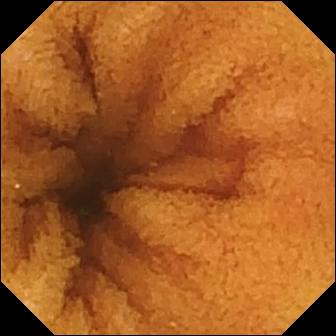Q: What does this small-bowel capsule endoscopy snapshot show?
A: Normal clean mucosa.